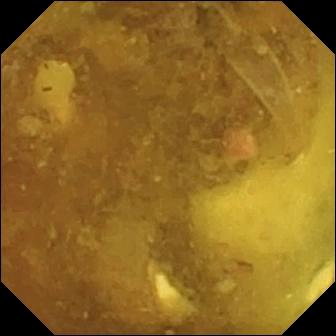Small-bowel capsule endoscopy — reduced mucosal view (content or bubbles obscuring the mucosa).